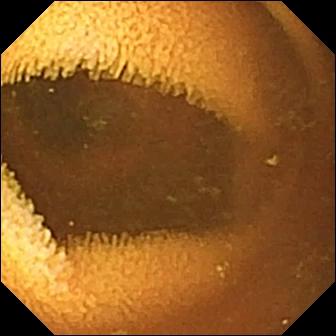PROCEDURE: VCE.
FINDINGS: Normal clean mucosa.